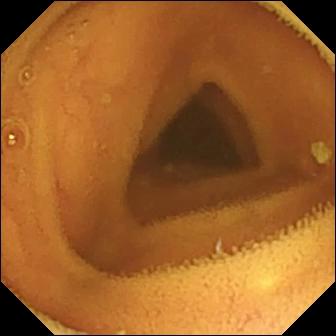Q: What does this wireless capsule endoscopy image of the small bowel show?
A: Normal clean mucosa.